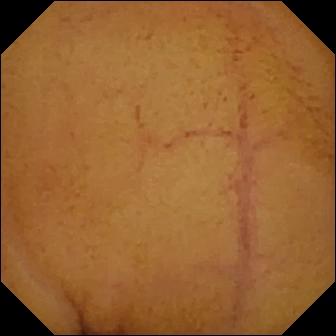Q: What does this video capsule endoscopy image show?
A: Normal clean mucosa.